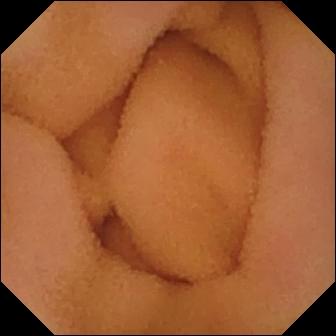Q: What does this video capsule endoscopy still of the small intestine show?
A: Normal clean mucosa.